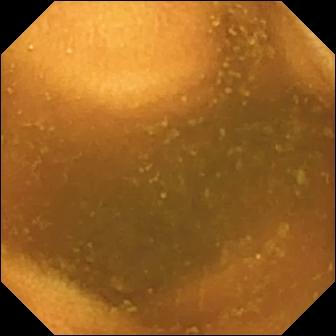Wireless capsule endoscopy still of the small intestine showing normal clean mucosa.